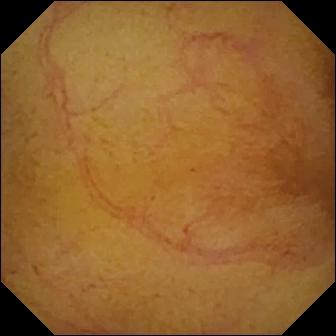Small-bowel capsule endoscopy — normal clean mucosa.